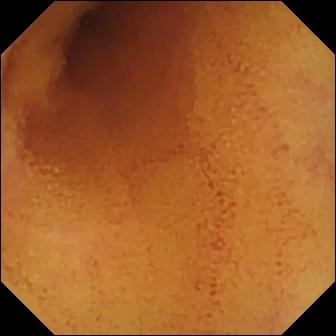Normal clean mucosa — small-bowel capsule endoscopy view of the small bowel.